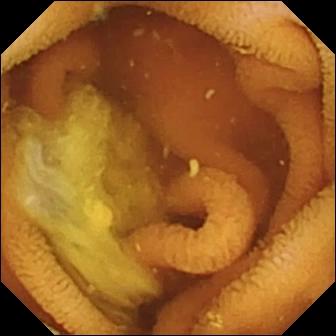Video capsule endoscopy view, small intestine
Finding: normal clean mucosa